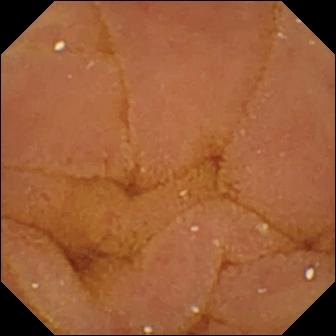Normal clean mucosa — video capsule endoscopy still.